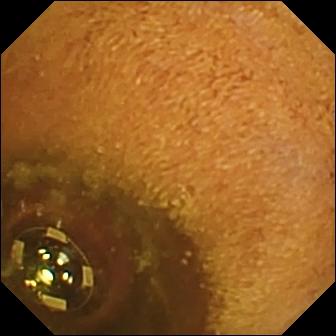This video capsule endoscopy view shows foreign body (e.g. retained capsule, tablet residue).